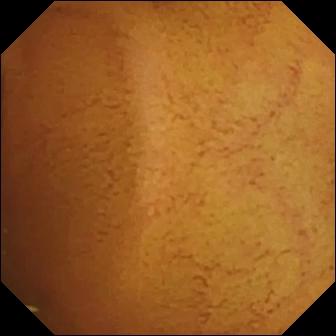Video capsule endoscopy snapshot (small intestine). Normal clean mucosa.